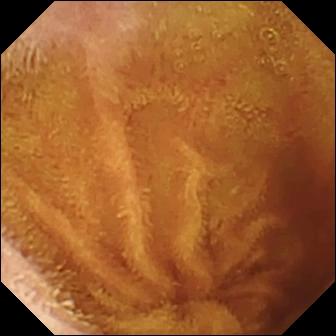Normal clean mucosa.